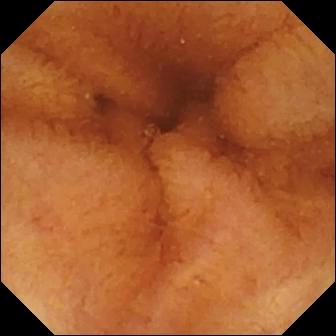PROCEDURE: WCE.
SEGMENT: Small intestine.
FINDINGS: Normal clean mucosa.